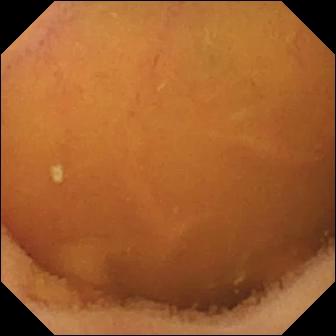WCE — normal clean mucosa.